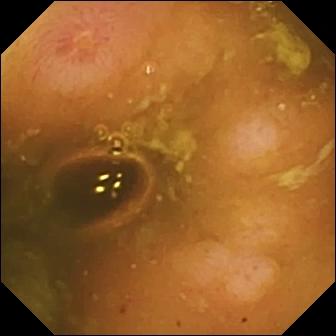- modality: VCE
- observation: erosion